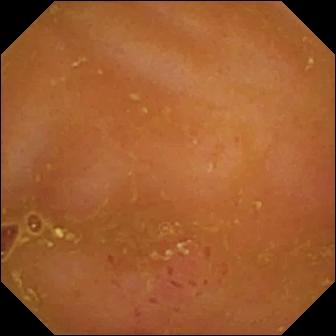Wireless capsule endoscopy frame showing erythema (mucosal redness).